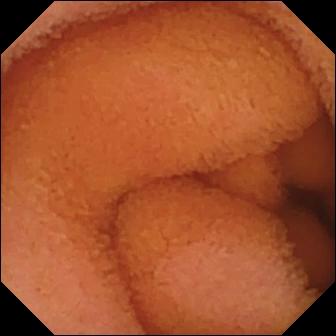- modality: wireless capsule endoscopy
- segment: small bowel
- impression: normal clean mucosa